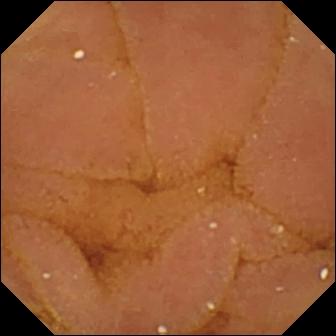Q: What does this capsule endoscopy image show?
A: Normal clean mucosa.